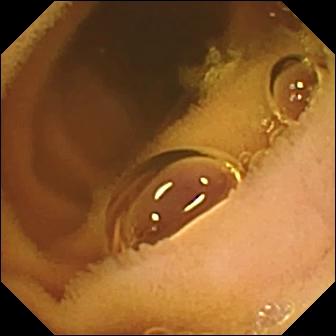Video capsule endoscopy frame (small intestine). Normal clean mucosa.